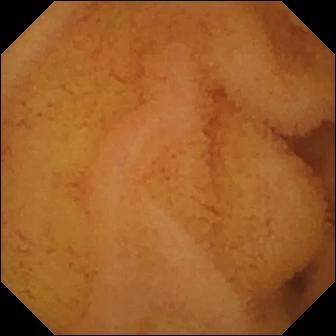WCE image. Normal clean mucosa.